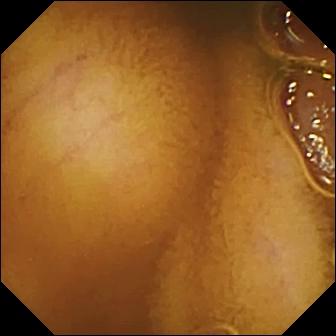Video capsule endoscopy still of the small intestine showing normal clean mucosa.